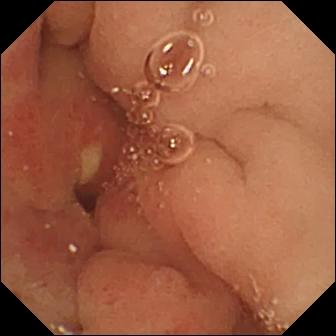Ulcer.